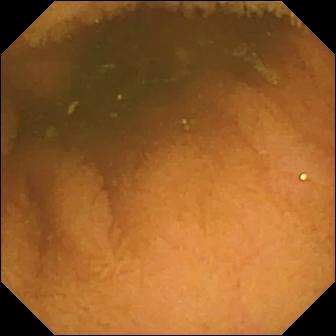This video capsule endoscopy still shows normal clean mucosa.